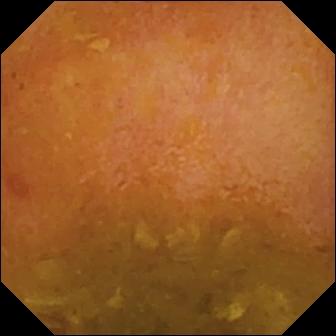Video capsule endoscopy frame
Observation: reduced mucosal view (content or bubbles obscuring the mucosa)